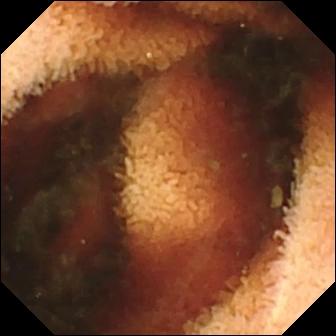- modality: video capsule endoscopy
- category: luminal finding
- impression: fresh blood in the lumen